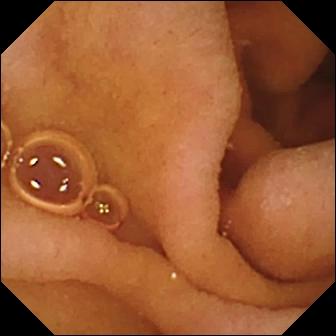Wireless capsule endoscopy. Label: pylorus region (the junction between the stomach and the small bowel).